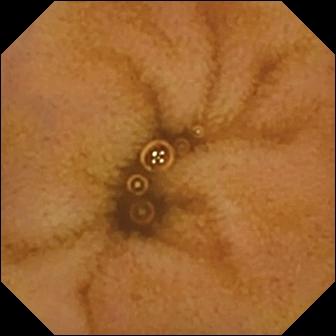Q: What does this small-bowel capsule endoscopy frame of the small intestine show?
A: Normal clean mucosa.